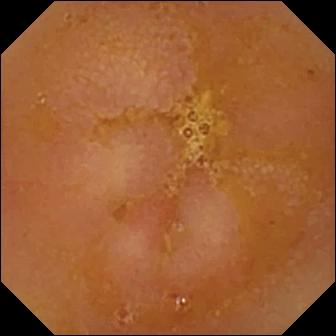Small-bowel capsule endoscopy. Small intestine. Luminal finding. Observation: reduced mucosal view (content or bubbles obscuring the mucosa).